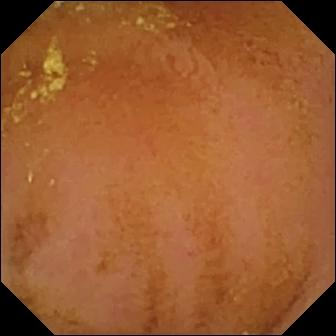Normal clean mucosa.